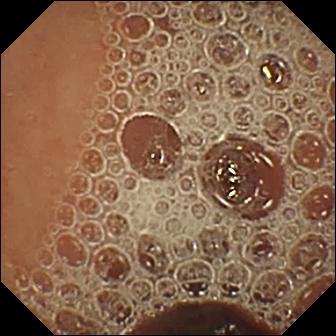Wireless capsule endoscopy frame showing normal clean mucosa.